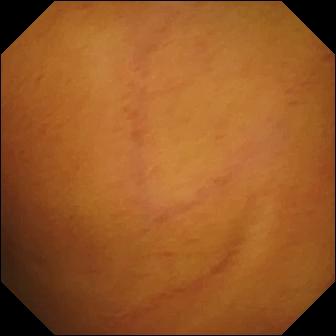Q: What does this small-bowel capsule endoscopy image of the small bowel show?
A: Normal clean mucosa.